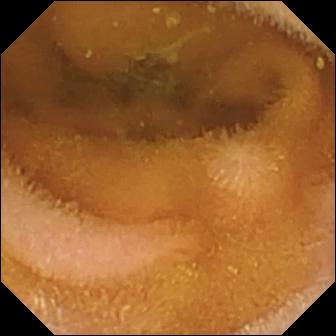Video capsule endoscopy frame. Normal clean mucosa.